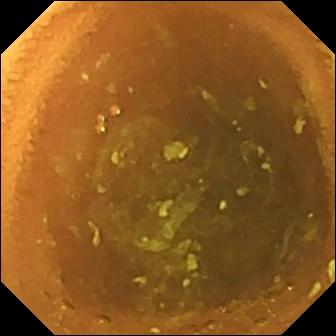modality: capsule endoscopy | label: normal clean mucosa